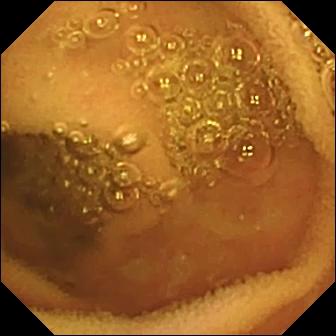Normal clean mucosa — wireless capsule endoscopy frame.